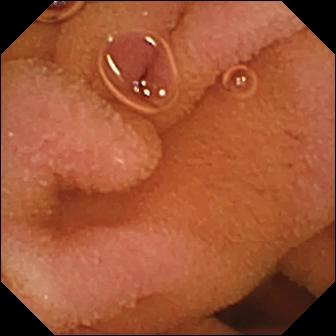PROCEDURE: Capsule endoscopy.
FINDINGS: Normal clean mucosa.